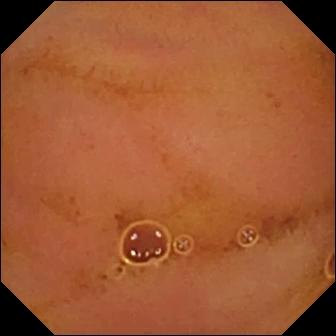Video capsule endoscopy still. Normal clean mucosa.